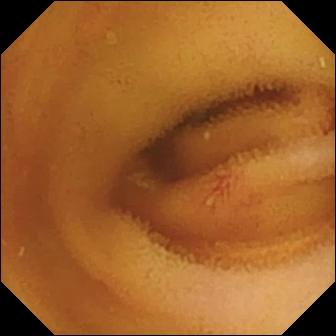Angiectasia (336×336).